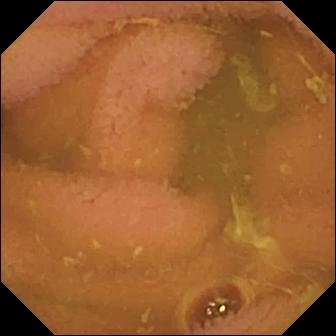This video capsule endoscopy image of the small bowel shows normal clean mucosa.